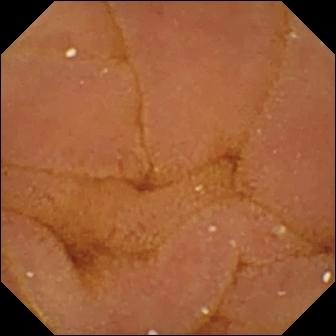modality: WCE | observation: normal clean mucosa